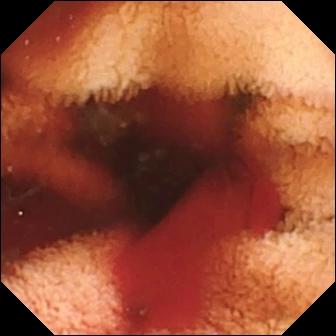Fresh blood in the lumen — capsule endoscopy frame.